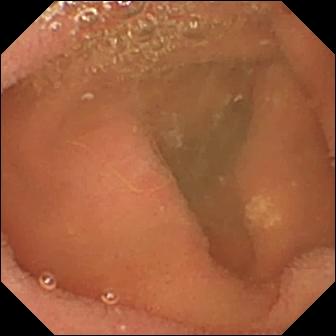Q: What does this video capsule endoscopy view show?
A: Lymphangiectasia.